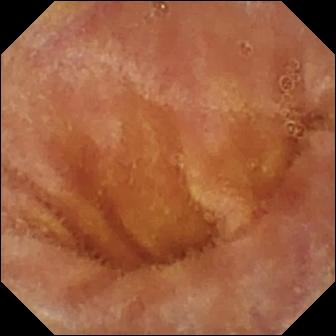Wireless capsule endoscopy snapshot (small bowel). Normal clean mucosa.